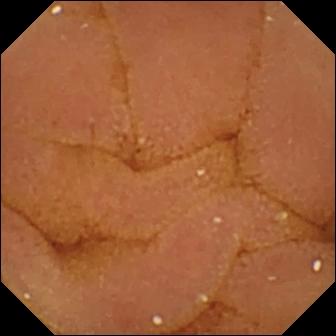modality: VCE | observation: normal clean mucosa